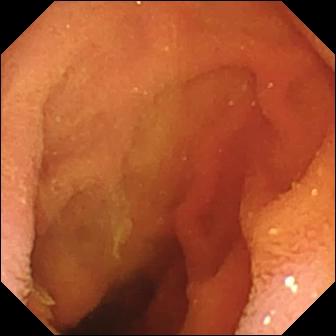This VCE frame was taken in the pylorus region.